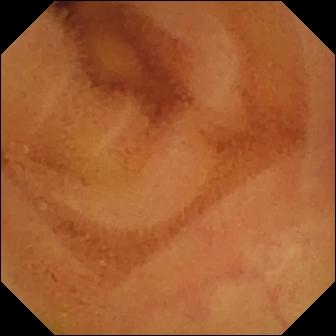PROCEDURE: Wireless capsule endoscopy.
SEGMENT: Small intestine.
FINDINGS: Normal clean mucosa.